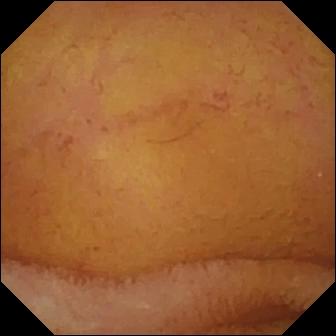{"modality": "capsule endoscopy", "segment": "small bowel", "finding": "normal clean mucosa"}